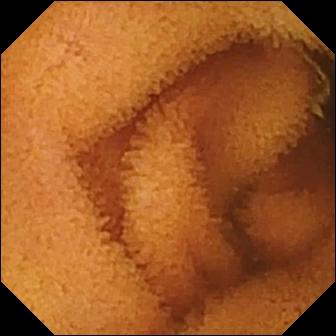Wireless capsule endoscopy — normal clean mucosa.